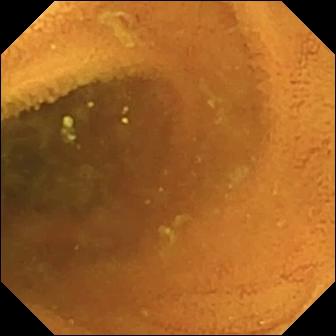PROCEDURE: Small-bowel capsule endoscopy.
FINDINGS: Normal clean mucosa.